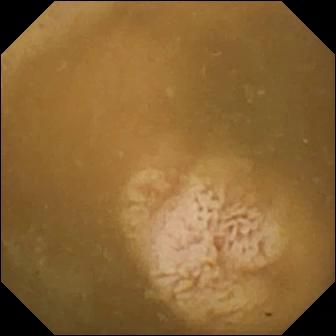{"modality": "wireless capsule endoscopy", "position": "ileo-cecal valve region (where the capsule passes from the small bowel into the large bowel)"}